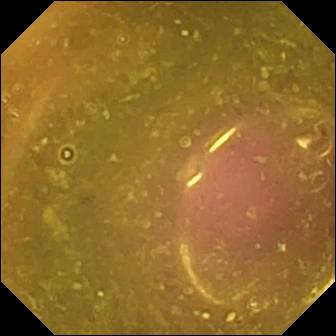Q: What does this capsule endoscopy frame of the small bowel show?
A: Reduced mucosal view (content or bubbles obscuring the mucosa).